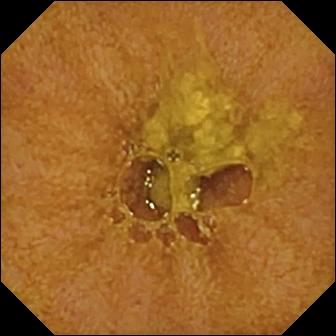- modality: video capsule endoscopy
- category: anatomical landmark
- label: ileo-cecal valve region